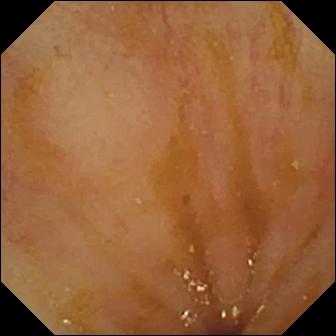VCE image taken in the ileo-cecal valve region (the transition from the small bowel to the large bowel).